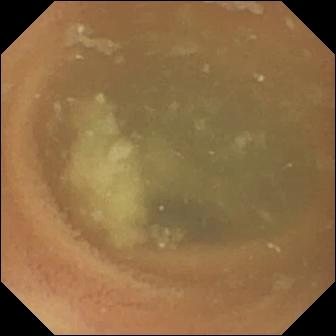Normal clean mucosa — capsule endoscopy view of the small bowel.